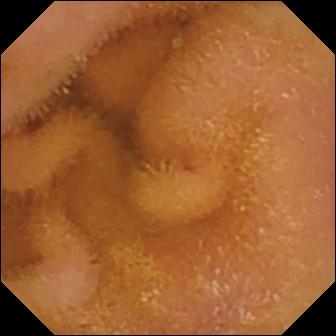- modality: VCE
- segment: small bowel
- label: normal clean mucosa